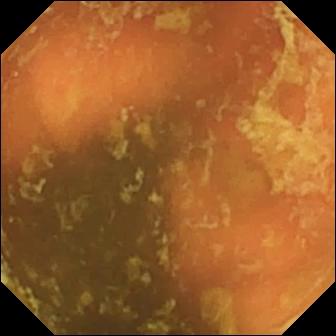PROCEDURE: Small-bowel capsule endoscopy.
LABEL: Ileo-cecal valve region (the transition from the small bowel to the large bowel).